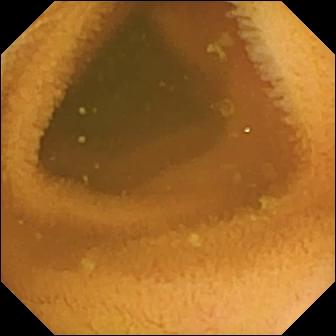PROCEDURE: Video capsule endoscopy.
SEGMENT: Small bowel.
FINDINGS: Normal clean mucosa.